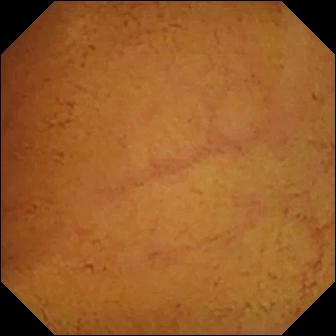WCE view of the small bowel showing normal clean mucosa.